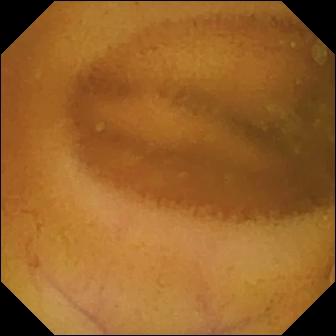Q: What does this wireless capsule endoscopy view show?
A: Normal clean mucosa.